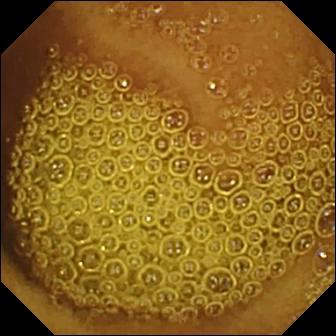Small-bowel capsule endoscopy. Finding: normal clean mucosa.